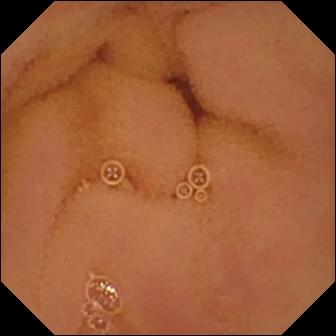This capsule endoscopy frame shows normal clean mucosa.